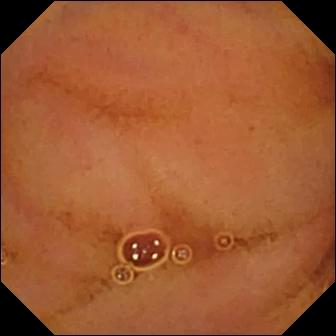Video capsule endoscopy snapshot showing normal clean mucosa.